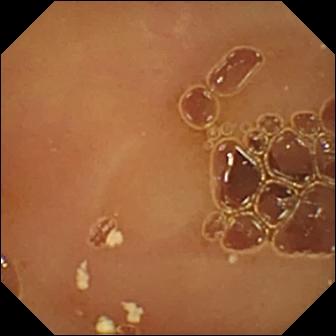This video capsule endoscopy frame of the small intestine shows normal clean mucosa.